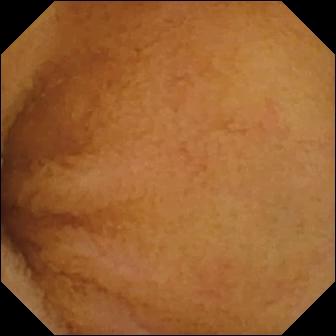- modality: VCE
- segment: small bowel
- finding: normal clean mucosa